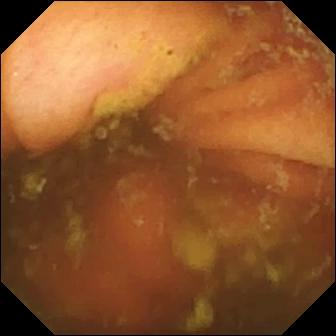Small-bowel capsule endoscopy still taken in the ileo-cecal valve region.